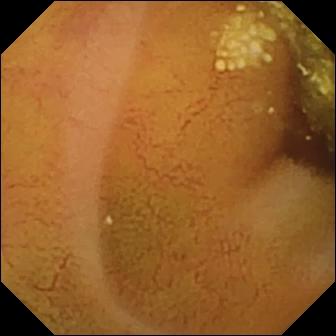Small-bowel capsule endoscopy. Label: lymphangiectasia.